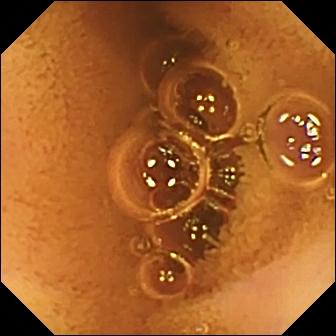{"modality": "small-bowel capsule endoscopy", "finding": "normal clean mucosa"}